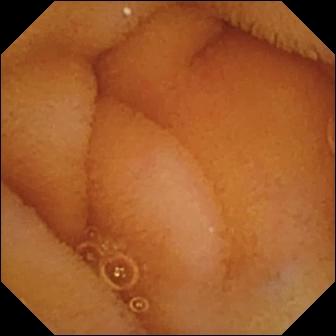Normal clean mucosa — video capsule endoscopy frame of the small bowel.